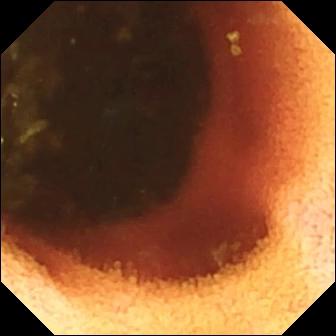Ileo-cecal valve region (where the capsule passes from the small bowel into the large bowel), 336×336.